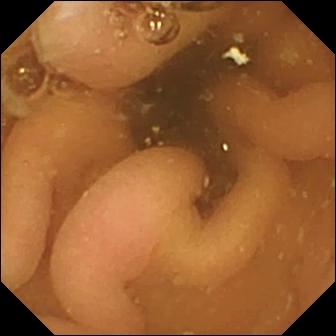PROCEDURE: WCE.
POSITION: Pylorus region.